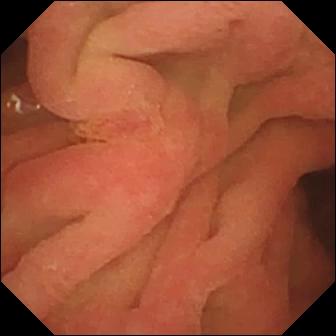PROCEDURE: Small-bowel capsule endoscopy.
SEGMENT: Small intestine.
FINDINGS: Ampulla of Vater (major duodenal papilla).